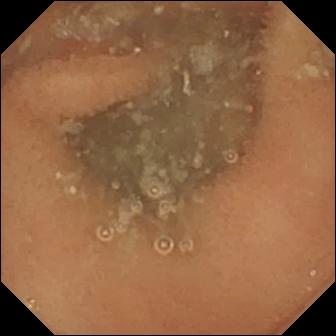{"modality": "WCE", "category": "luminal finding", "finding": "normal clean mucosa"}